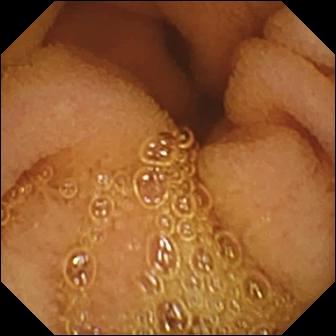modality: VCE | segment: small bowel | label: normal clean mucosa